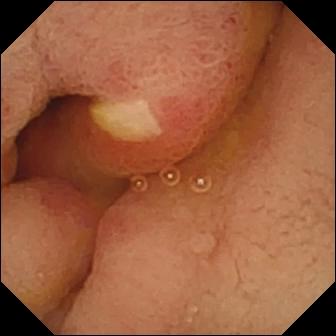VCE image
Label: ulcer